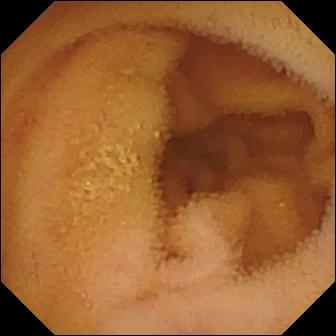{"modality": "capsule endoscopy", "finding": "normal clean mucosa"}